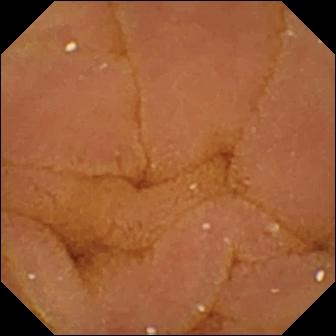{"modality": "small-bowel capsule endoscopy", "category": "luminal finding", "finding": "normal clean mucosa"}